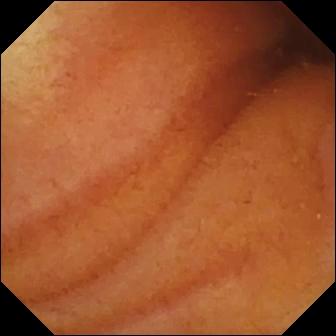PROCEDURE: WCE.
FINDINGS: Normal clean mucosa.